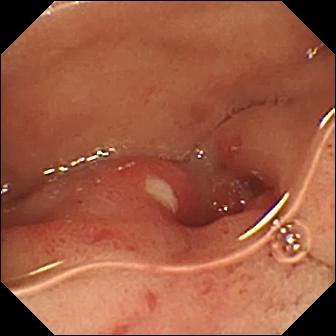Small-bowel capsule endoscopy frame, 336×336. Ulcer.